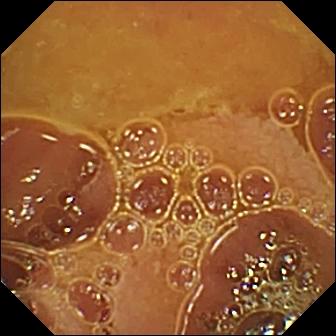PROCEDURE: Small-bowel capsule endoscopy.
FINDINGS: Normal clean mucosa.